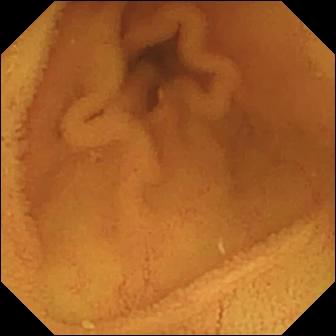Normal clean mucosa — capsule endoscopy still of the small bowel.